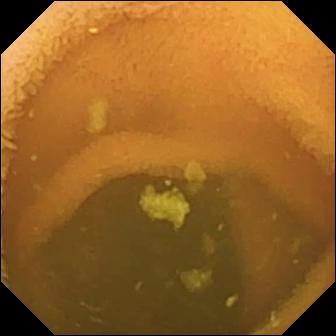VCE — normal clean mucosa.